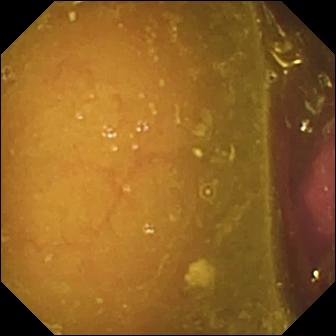PROCEDURE: Video capsule endoscopy.
SEGMENT: Small bowel.
FINDINGS: Reduced mucosal view (content or bubbles obscuring the mucosa).